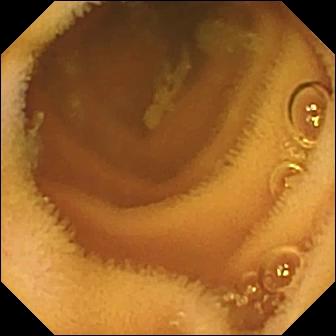modality: VCE
observation: normal clean mucosa